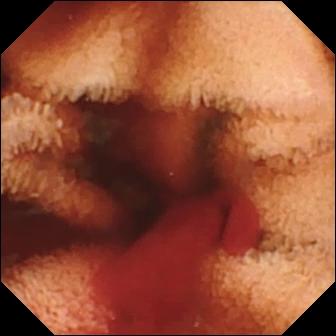Fresh blood in the lumen — WCE frame.